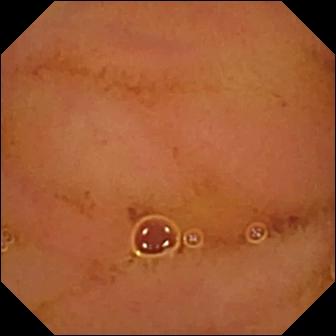- modality: video capsule endoscopy
- segment: small bowel
- category: luminal finding
- label: normal clean mucosa